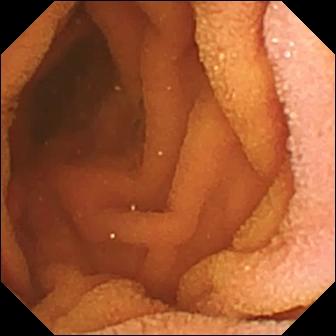WCE still, small bowel
Finding: normal clean mucosa